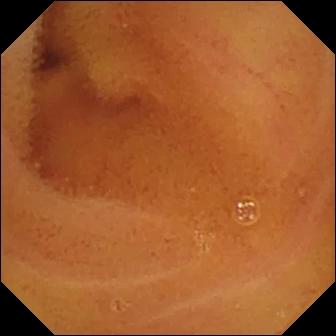Video capsule endoscopy image (small intestine). Normal clean mucosa.